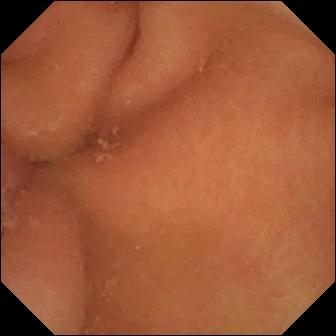modality: WCE; position: pylorus region (where the capsule passes from the stomach into the small bowel)